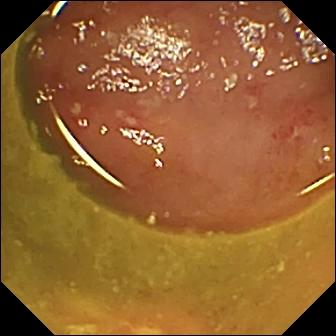Ulcer — VCE snapshot.